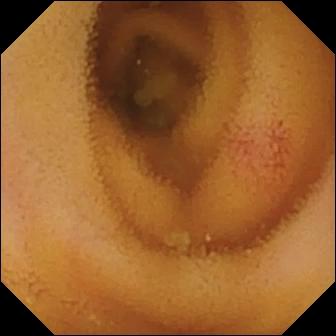modality: WCE | label: angiectasia